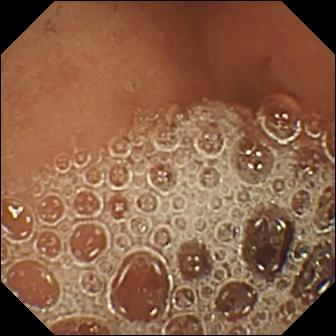PROCEDURE: Video capsule endoscopy.
FINDINGS: Normal clean mucosa.